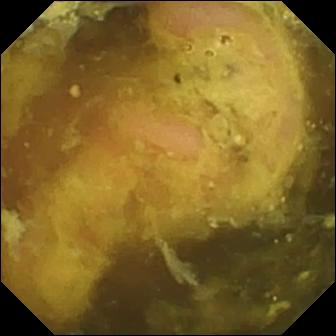Capsule endoscopy frame taken in the ileo-cecal valve region.